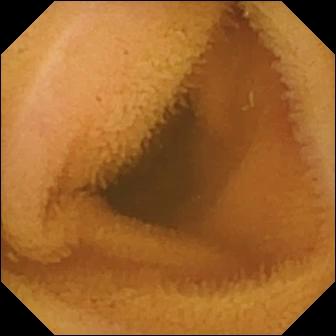Capsule endoscopy view
Label: normal clean mucosa